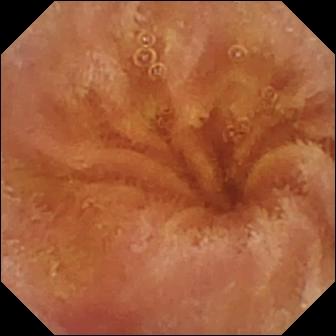Normal clean mucosa — WCE snapshot.